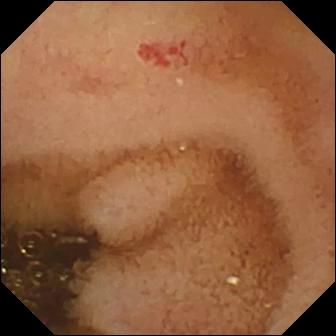Angiectasia (336×336).